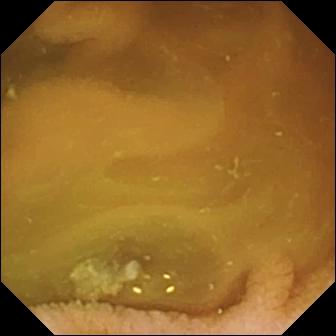Wireless capsule endoscopy view, small intestine
Finding: normal clean mucosa